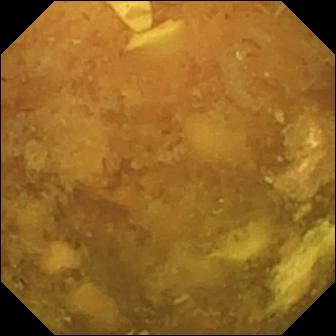Q: What does this video capsule endoscopy snapshot show?
A: Reduced mucosal view (content or bubbles obscuring the mucosa).